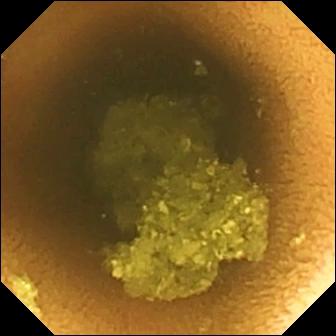Video capsule endoscopy image showing normal clean mucosa.